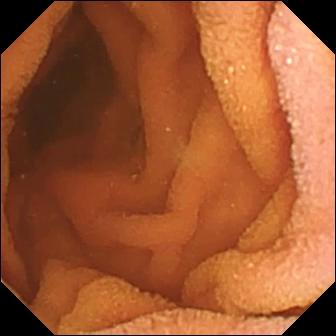VCE — normal clean mucosa.